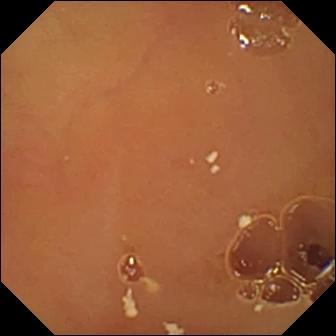Capsule endoscopy view showing normal clean mucosa.